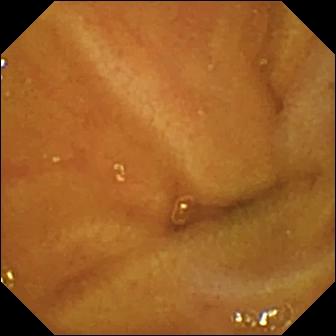Q: What does this small-bowel capsule endoscopy snapshot of the small intestine show?
A: Normal clean mucosa.